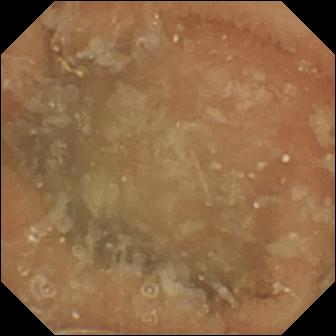Capsule endoscopy snapshot. Normal clean mucosa.